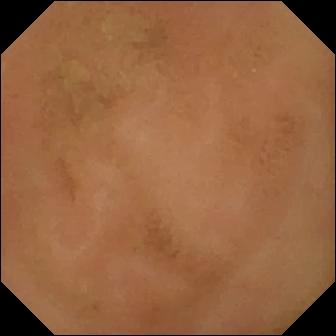- modality: capsule endoscopy
- label: normal clean mucosa